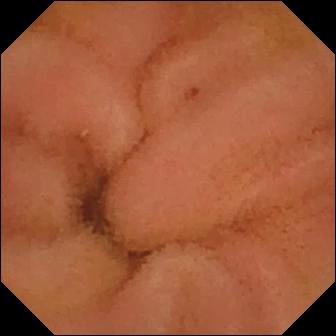Capsule endoscopy frame of the small intestine showing normal clean mucosa.